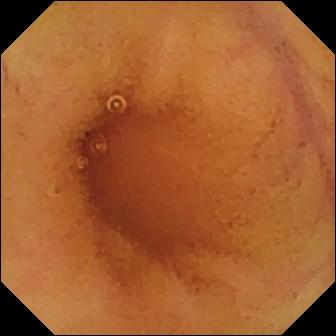- modality: small-bowel capsule endoscopy
- finding: normal clean mucosa